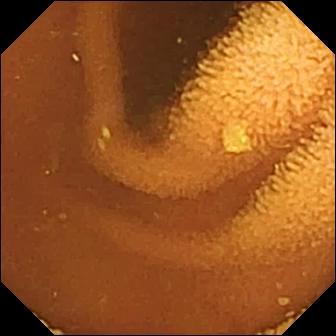Video capsule endoscopy. Small bowel. Impression: normal clean mucosa.